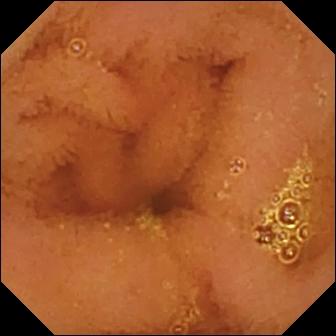PROCEDURE: Video capsule endoscopy.
FINDINGS: Normal clean mucosa.